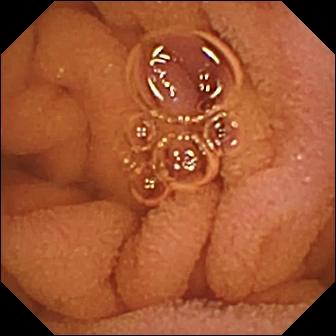Q: What does this wireless capsule endoscopy image show?
A: Normal clean mucosa.